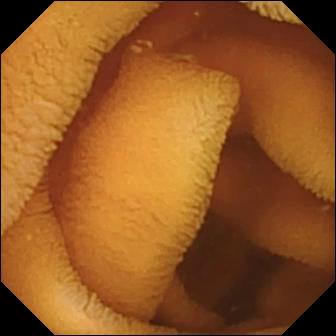Wireless capsule endoscopy view
Observation: normal clean mucosa